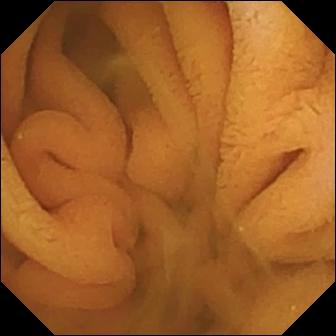Normal clean mucosa — capsule endoscopy frame.